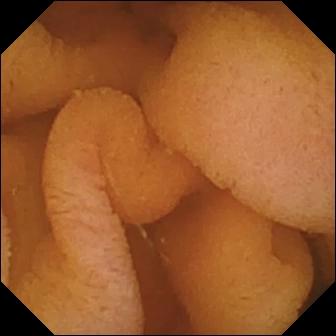PROCEDURE: WCE.
SEGMENT: Small intestine.
FINDINGS: Normal clean mucosa.